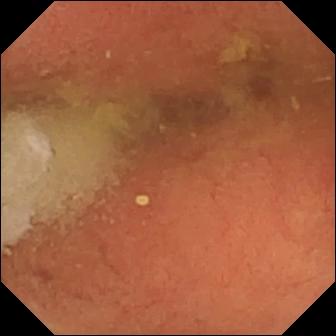WCE. Near an anatomical landmark. Video segment: pylorus region (where the capsule passes from the stomach into the small bowel).